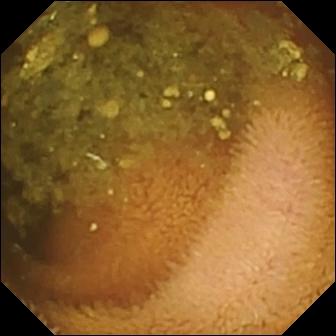{"modality": "WCE", "finding": "reduced mucosal view (content or bubbles obscuring the mucosa)"}